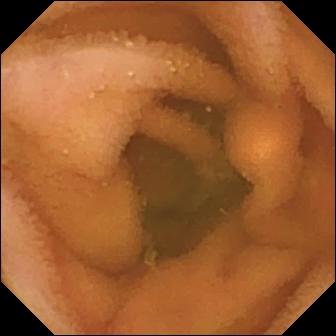Wireless capsule endoscopy still
Impression: normal clean mucosa